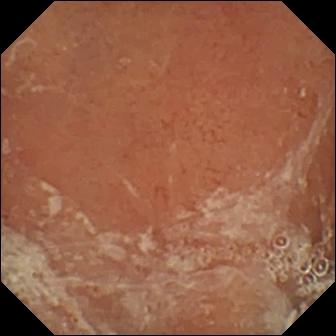WCE. Label: pylorus region.